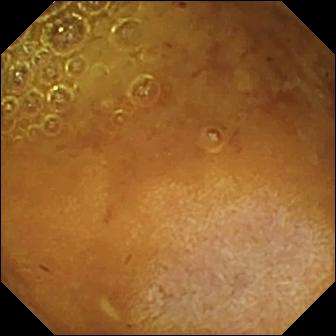Reduced mucosal view (content or bubbles obscuring the mucosa).